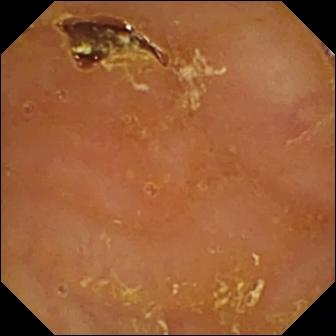Video capsule endoscopy still showing reduced mucosal view (content or bubbles obscuring the mucosa).